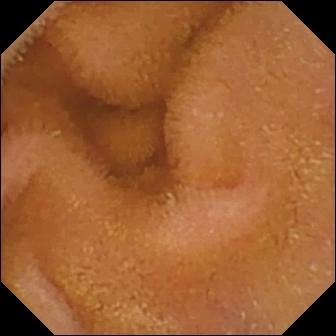Capsule endoscopy — normal clean mucosa.